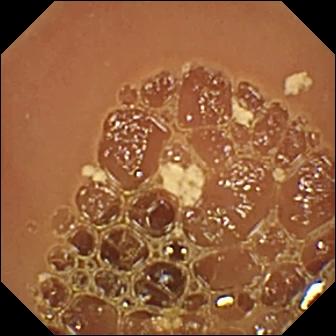This wireless capsule endoscopy image shows normal clean mucosa.